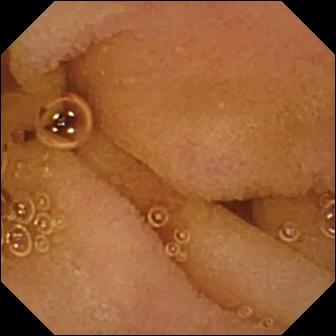Video capsule endoscopy view, 336×336. Normal clean mucosa.